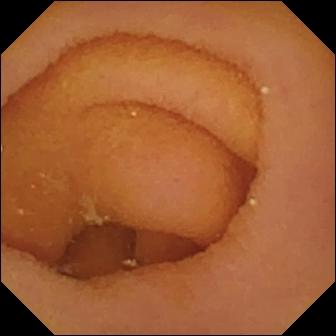Pylorus region, 336×336.